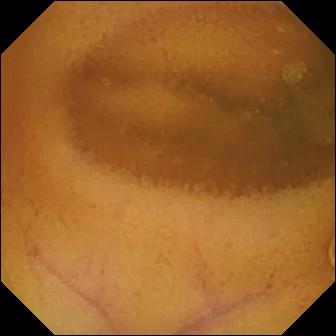Capsule endoscopy view, small intestine
Impression: normal clean mucosa